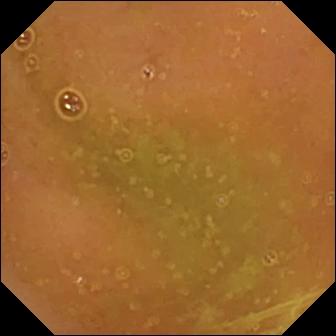Small-bowel capsule endoscopy frame
Observation: normal clean mucosa